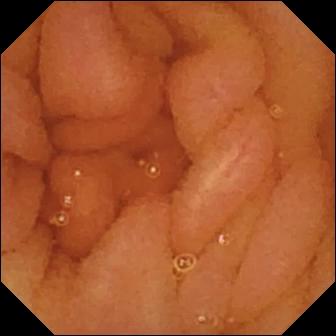Normal clean mucosa — wireless capsule endoscopy image.